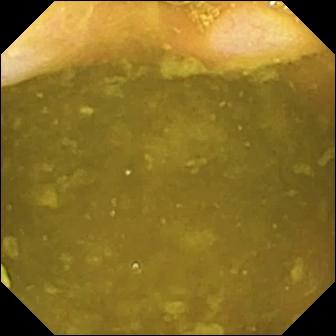Q: Where in the digestive tract was this WCE snapshot taken?
A: Ileo-cecal valve region (the transition from the small bowel to the large bowel).